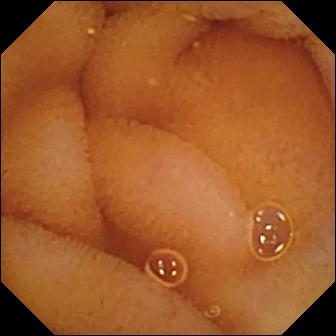Video capsule endoscopy — normal clean mucosa.